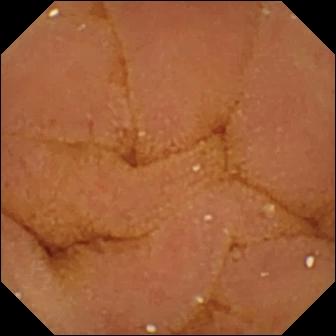{"modality": "VCE", "category": "luminal finding", "finding": "normal clean mucosa"}